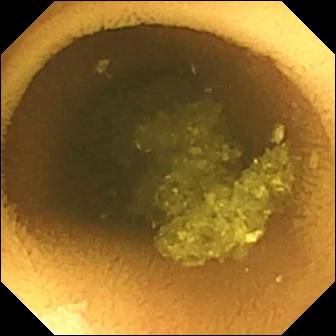VCE. Label: normal clean mucosa.